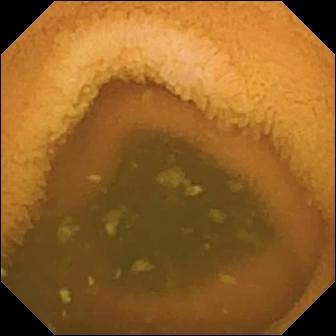- modality: capsule endoscopy
- impression: normal clean mucosa